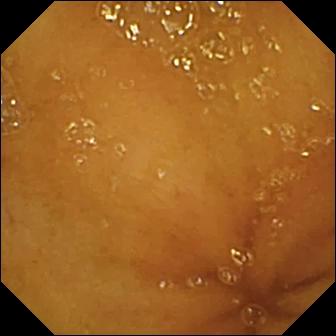Capsule endoscopy. Impression: normal clean mucosa.